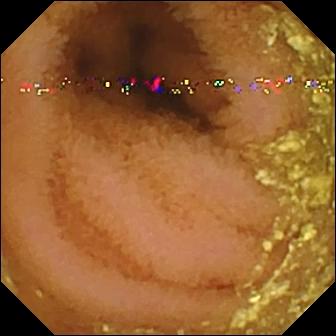modality: VCE | segment: small intestine | impression: normal clean mucosa